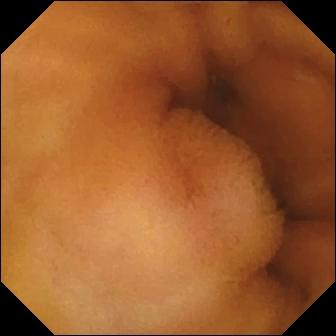WCE — normal clean mucosa.